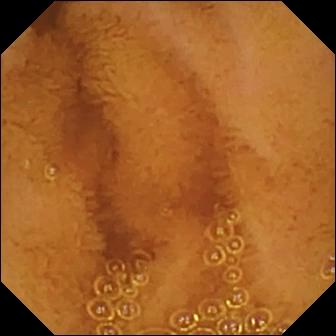Normal clean mucosa.